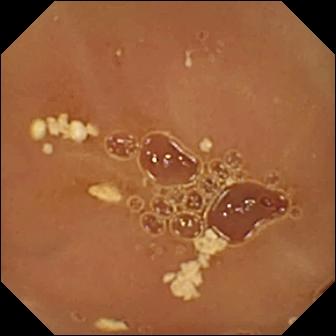Small-bowel capsule endoscopy. Luminal finding. Impression: normal clean mucosa.